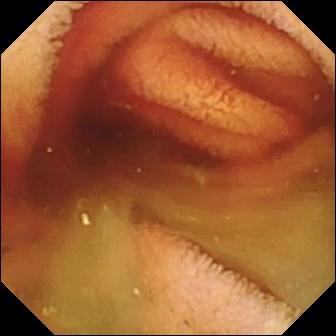Fresh blood in the lumen — wireless capsule endoscopy image.